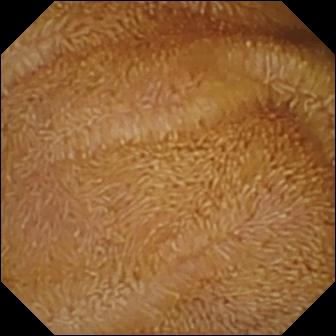PROCEDURE: Small-bowel capsule endoscopy.
SEGMENT: Small bowel.
FINDINGS: Normal clean mucosa.